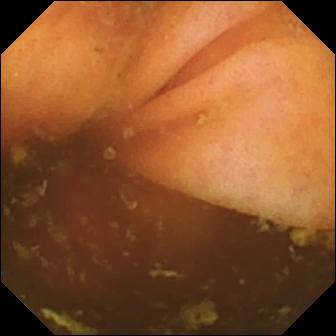Video capsule endoscopy frame taken in the ileo-cecal valve region (where the capsule passes from the small bowel into the large bowel).